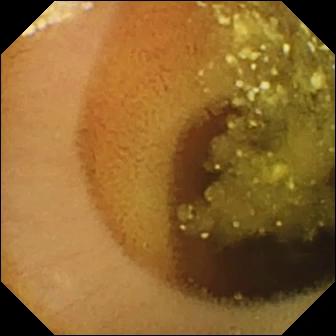Lymphangiectasia.